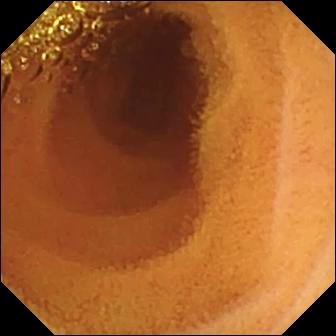Video capsule endoscopy — normal clean mucosa.